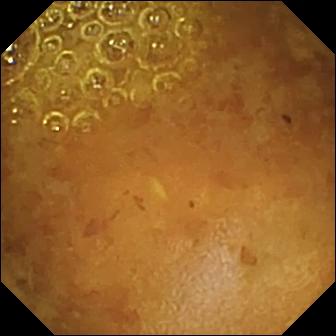Wireless capsule endoscopy. Small bowel. Label: reduced mucosal view (content or bubbles obscuring the mucosa).